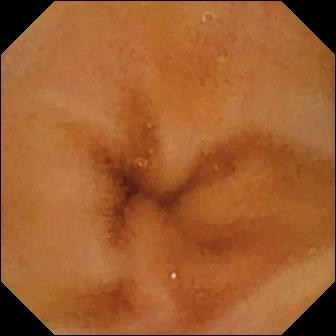- modality: WCE
- segment: small bowel
- category: luminal finding
- impression: normal clean mucosa